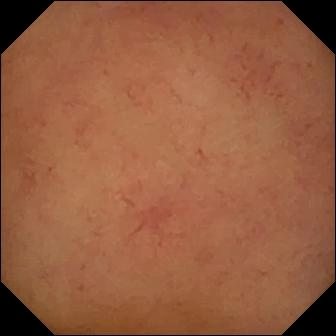Q: What does this video capsule endoscopy snapshot show?
A: Normal clean mucosa.